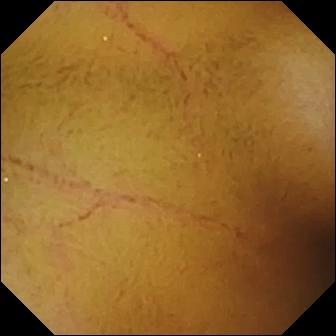modality: wireless capsule endoscopy
segment: small intestine
impression: normal clean mucosa